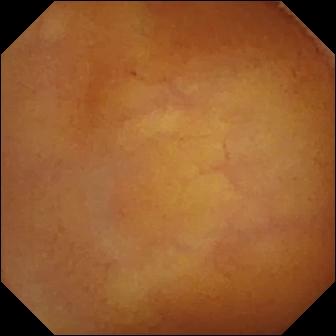{"modality": "capsule endoscopy", "finding": "normal clean mucosa"}